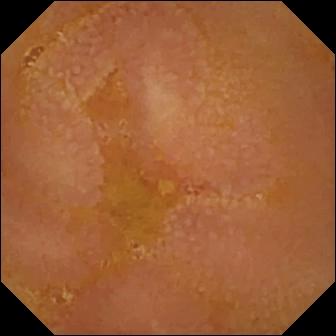{"modality": "small-bowel capsule endoscopy", "finding": "reduced mucosal view (content or bubbles obscuring the mucosa)"}